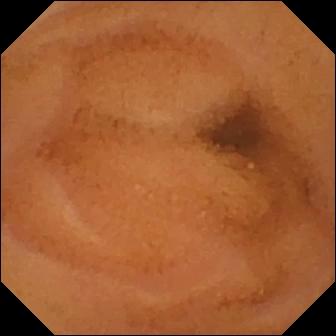Q: What does this video capsule endoscopy still of the small intestine show?
A: Normal clean mucosa.